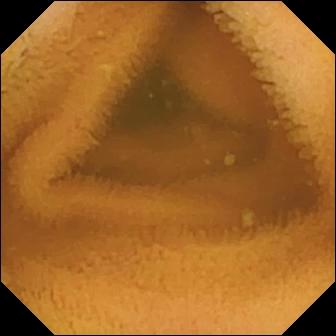Wireless capsule endoscopy — normal clean mucosa.